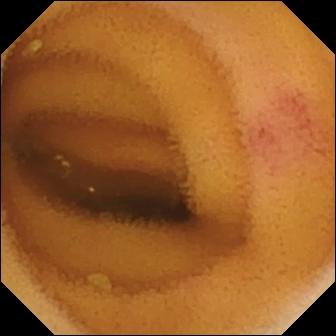Video capsule endoscopy. Impression: angiectasia.